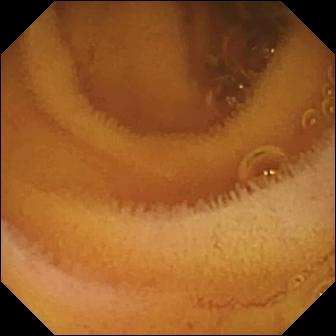WCE snapshot
Label: normal clean mucosa